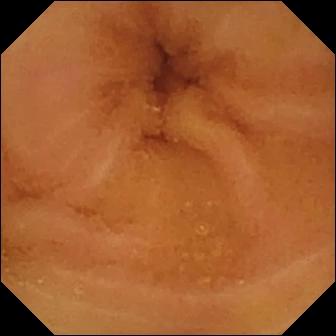Capsule endoscopy — normal clean mucosa.